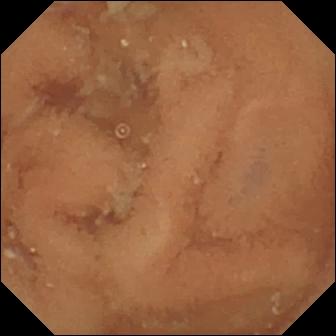Normal clean mucosa — WCE view.